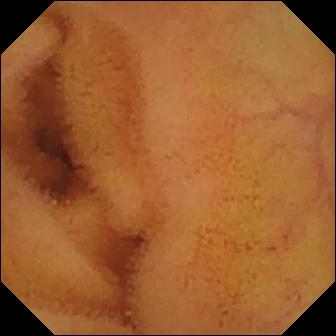Q: What does this capsule endoscopy view show?
A: Normal clean mucosa.